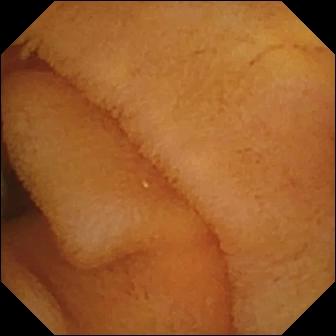modality: video capsule endoscopy
segment: small bowel
observation: normal clean mucosa